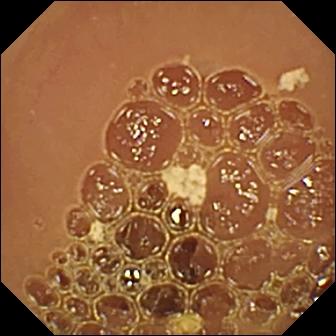Normal clean mucosa.